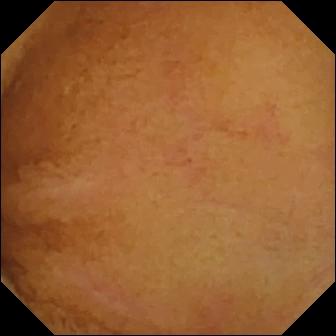PROCEDURE: Wireless capsule endoscopy.
FINDINGS: Normal clean mucosa.